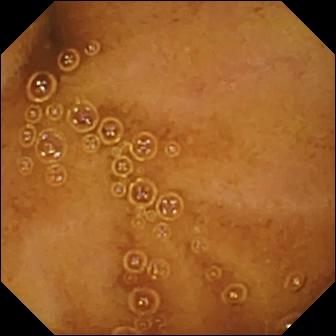This wireless capsule endoscopy still of the small bowel shows normal clean mucosa.